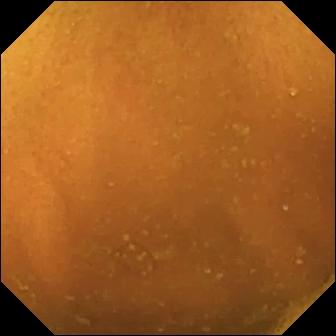Normal clean mucosa (336×336).